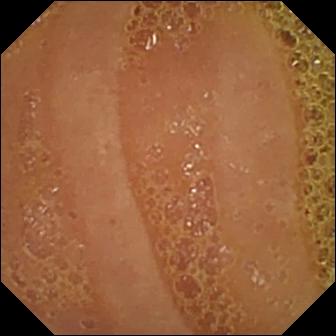WCE image. Normal clean mucosa.